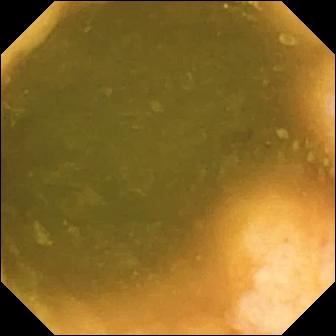{"modality": "video capsule endoscopy", "location": "ileo-cecal valve region"}